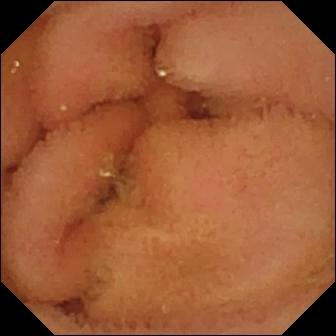Normal clean mucosa — VCE still of the small bowel.